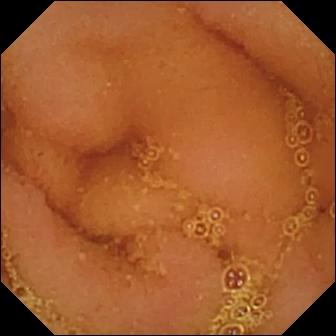PROCEDURE: VCE.
FINDINGS: Normal clean mucosa.